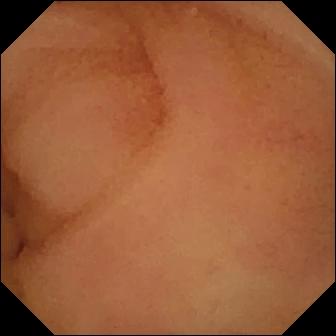modality: wireless capsule endoscopy | segment: small bowel | impression: normal clean mucosa